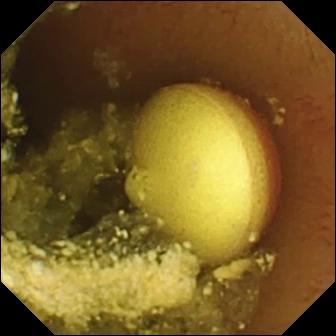modality: capsule endoscopy
label: foreign body (e.g. retained capsule, tablet residue)